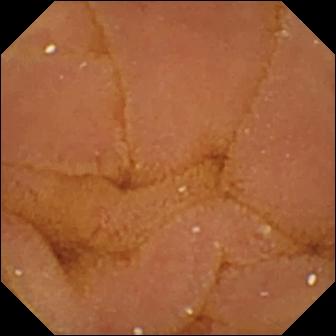Q: What does this wireless capsule endoscopy frame show?
A: Normal clean mucosa.